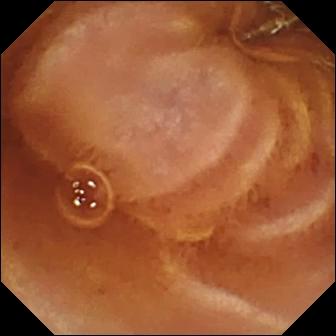Normal clean mucosa — VCE still.